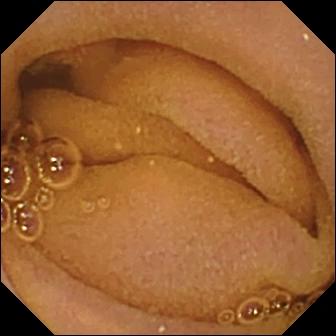{"modality": "video capsule endoscopy", "segment": "small intestine", "finding": "normal clean mucosa"}